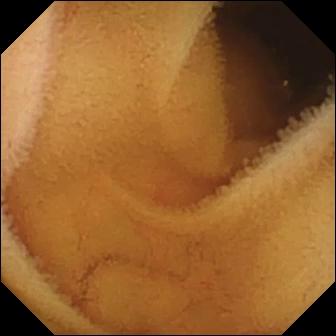Capsule endoscopy. Small bowel. Luminal finding. Impression: normal clean mucosa.